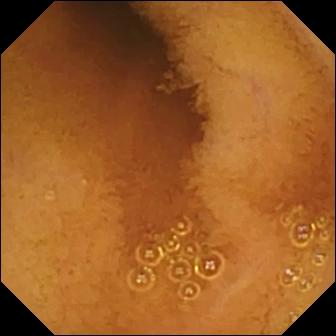Q: What does this WCE image of the small bowel show?
A: Normal clean mucosa.